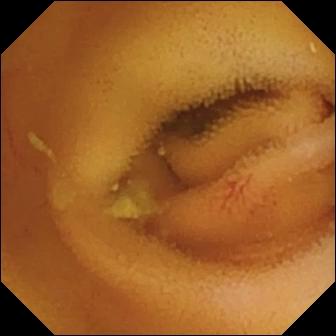WCE image showing angiectasia.